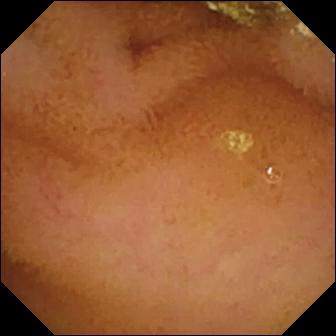PROCEDURE: WCE.
SEGMENT: Small intestine.
FINDINGS: Normal clean mucosa.